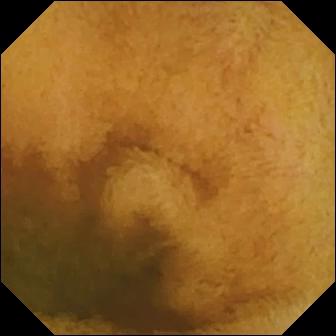PROCEDURE: Small-bowel capsule endoscopy.
FINDINGS: Normal clean mucosa.